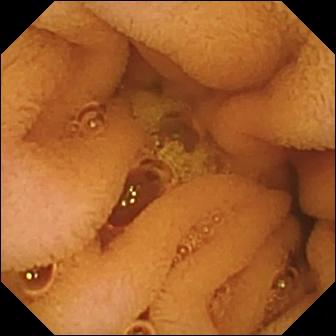Small-bowel capsule endoscopy snapshot
Impression: normal clean mucosa